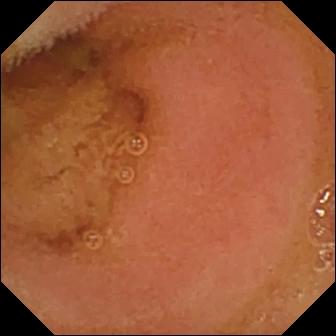Normal clean mucosa — WCE still.